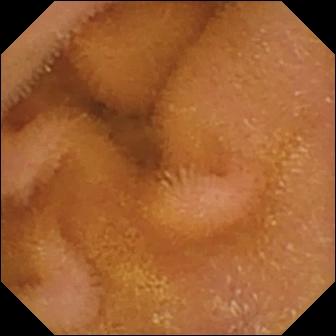VCE snapshot (small bowel). Normal clean mucosa.